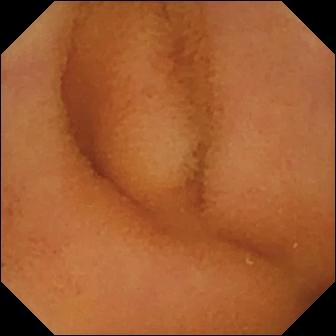modality: capsule endoscopy
category: luminal finding
impression: normal clean mucosa